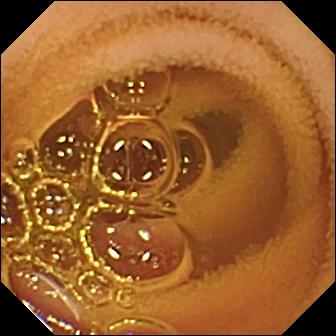{"modality": "VCE", "finding": "normal clean mucosa"}